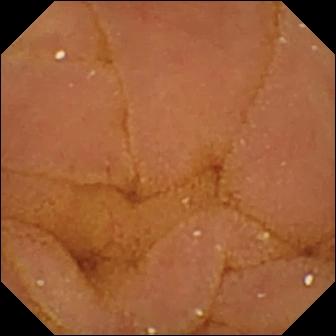Video capsule endoscopy frame showing normal clean mucosa.